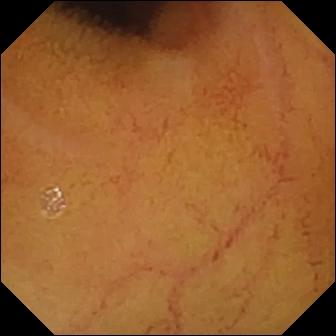Video capsule endoscopy — normal clean mucosa.